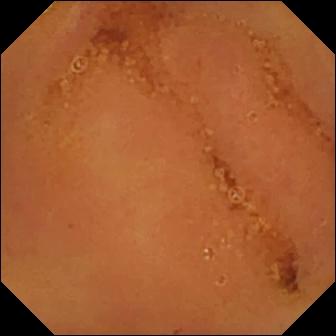WCE — normal clean mucosa.